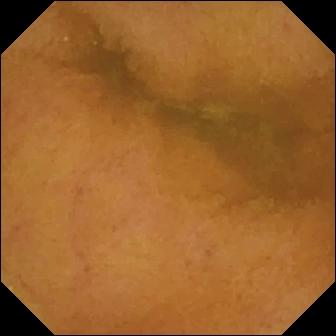Normal clean mucosa — video capsule endoscopy view of the small bowel.